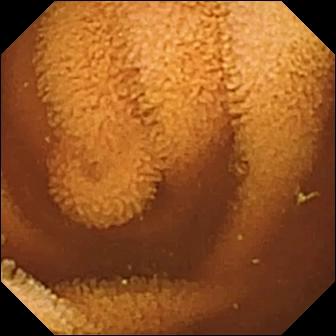modality: small-bowel capsule endoscopy | segment: small bowel | observation: normal clean mucosa